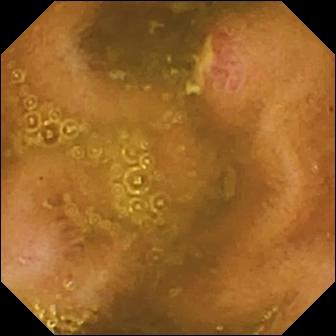{"modality": "small-bowel capsule endoscopy", "finding": "ulcer"}